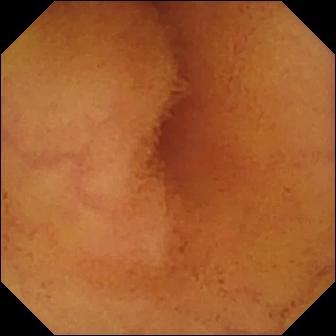Small-bowel capsule endoscopy. Small intestine. Luminal finding. Impression: normal clean mucosa.